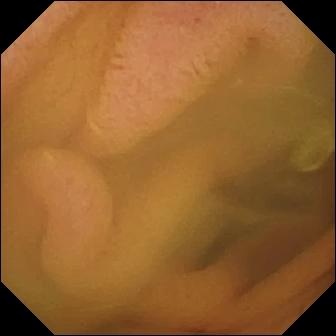- modality: VCE
- segment: small intestine
- category: luminal finding
- finding: normal clean mucosa